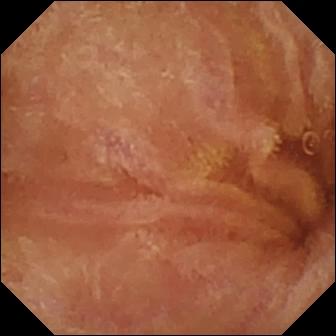Capsule endoscopy snapshot
Impression: normal clean mucosa